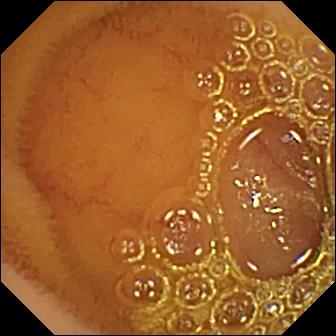This video capsule endoscopy view shows normal clean mucosa.